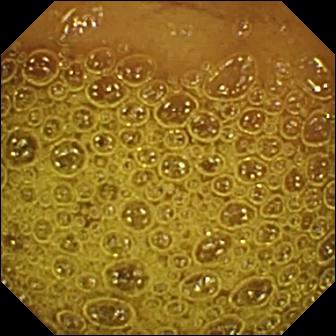Small-bowel capsule endoscopy — normal clean mucosa.